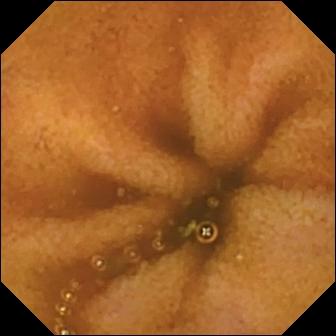Video capsule endoscopy — normal clean mucosa.